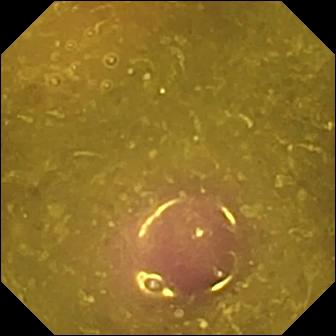Reduced mucosal view (content or bubbles obscuring the mucosa) — video capsule endoscopy still of the small bowel.